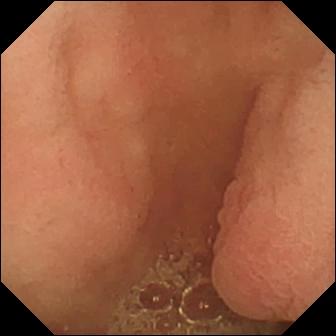Pylorus region (the junction between the stomach and the small bowel).